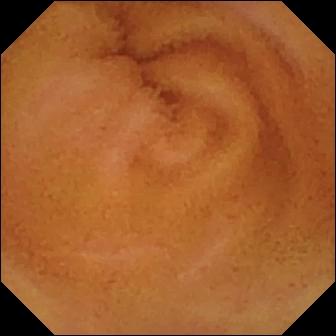- modality: WCE
- observation: normal clean mucosa